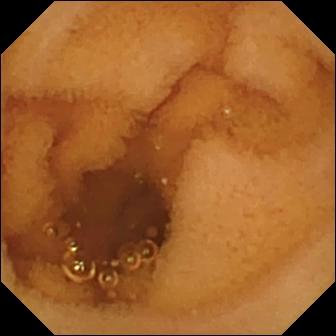Capsule endoscopy still showing normal clean mucosa.